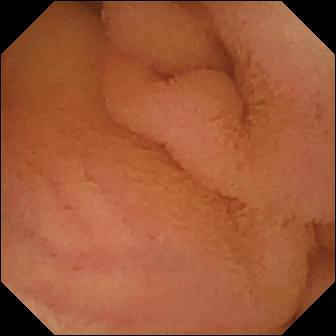This WCE view shows normal clean mucosa.